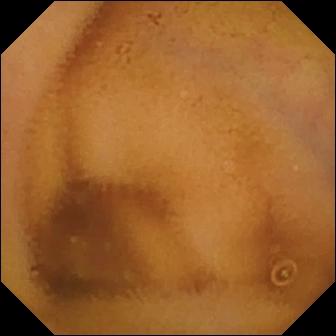Normal clean mucosa — wireless capsule endoscopy view.